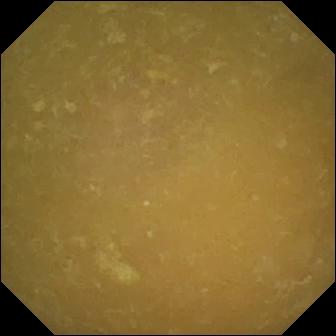Ileo-cecal valve region (the transition from the small bowel to the large bowel) — WCE frame.